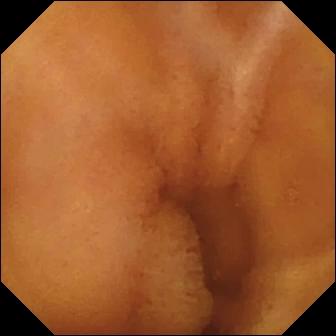Capsule endoscopy. Label: normal clean mucosa.